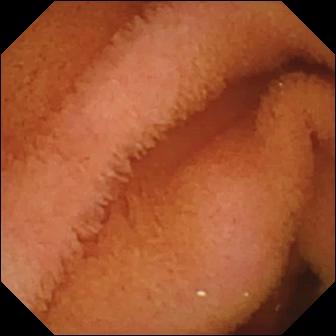modality: video capsule endoscopy
segment: small intestine
category: luminal finding
impression: normal clean mucosa